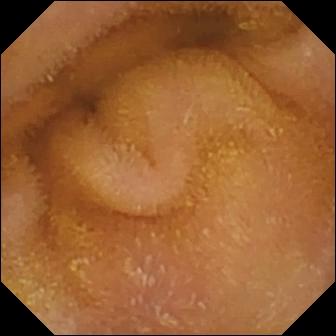Small-bowel capsule endoscopy still
Finding: normal clean mucosa